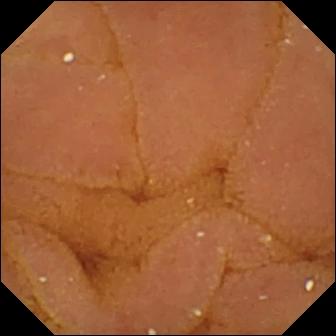This wireless capsule endoscopy frame shows normal clean mucosa.